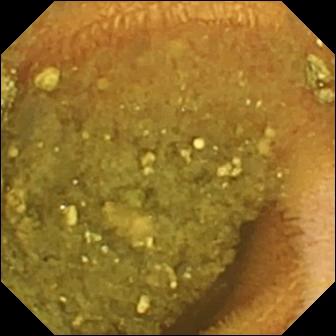This small-bowel capsule endoscopy frame shows reduced mucosal view (content or bubbles obscuring the mucosa).